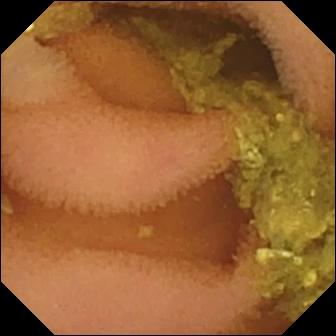Normal clean mucosa.